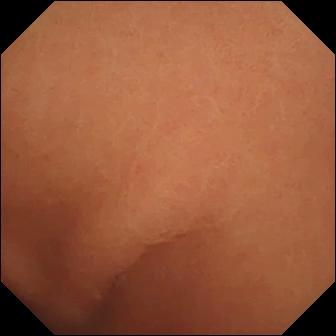Normal clean mucosa — video capsule endoscopy still.